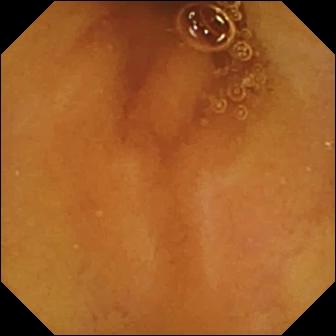Normal clean mucosa — VCE still of the small intestine.